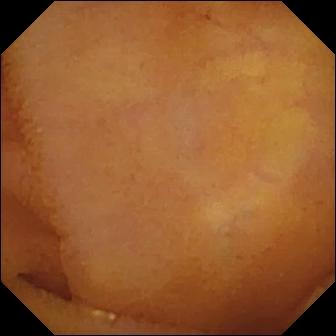WCE — normal clean mucosa.